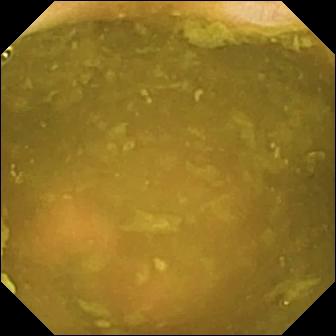modality: VCE; video segment: ileo-cecal valve region (where the capsule passes from the small bowel into the large bowel)